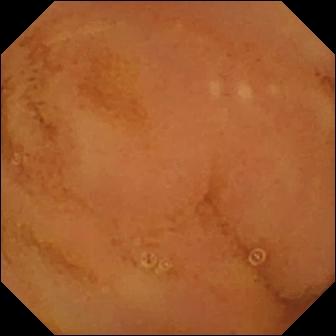Q: What does this small-bowel capsule endoscopy snapshot show?
A: Normal clean mucosa.